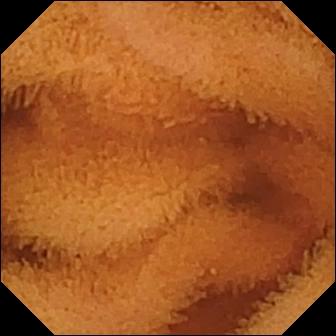This capsule endoscopy image of the small intestine shows normal clean mucosa.